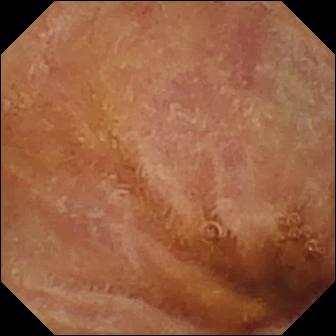Video capsule endoscopy. Small intestine. Impression: normal clean mucosa.